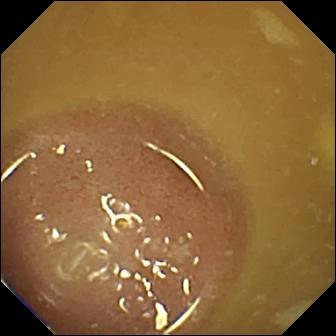Video capsule endoscopy. Location: ileo-cecal valve region (where the capsule passes from the small bowel into the large bowel).